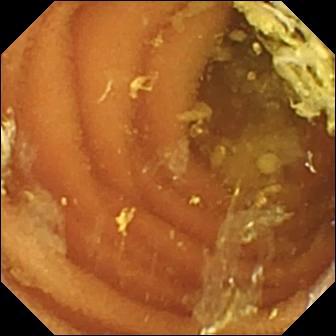- modality: VCE
- impression: normal clean mucosa